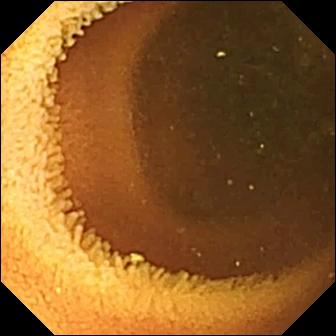- modality: video capsule endoscopy
- impression: normal clean mucosa